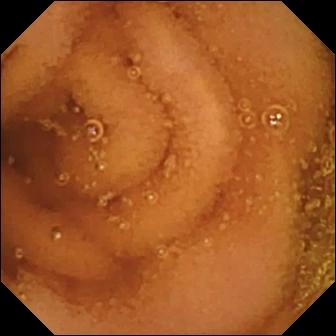Normal clean mucosa — small-bowel capsule endoscopy snapshot.